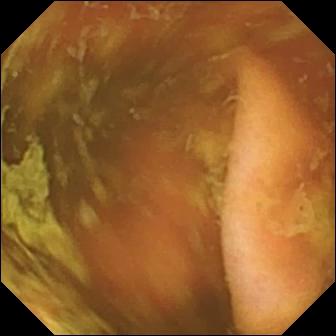{"modality": "VCE", "category": "anatomical landmark", "video_segment": "ileo-cecal valve region (where the capsule passes from the small bowel into the large bowel)"}